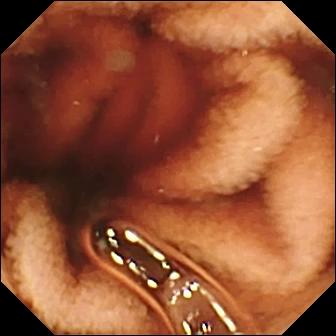Video capsule endoscopy frame
Finding: fresh blood in the lumen